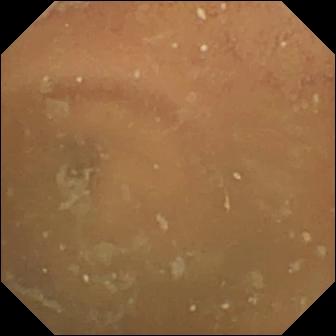Normal clean mucosa — wireless capsule endoscopy image.